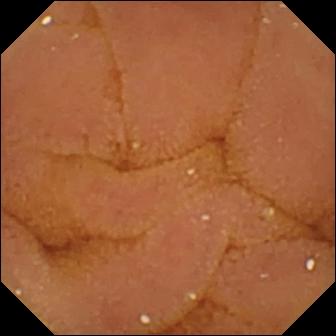Normal clean mucosa — VCE snapshot of the small bowel.